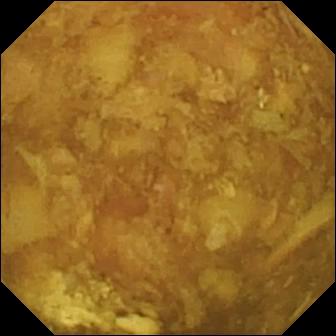- modality: capsule endoscopy
- impression: reduced mucosal view (content or bubbles obscuring the mucosa)